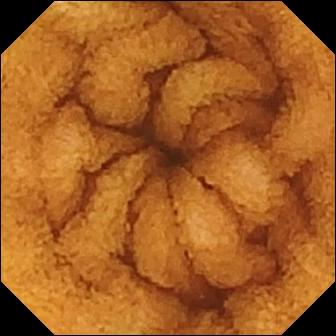Q: What does this WCE view show?
A: Normal clean mucosa.